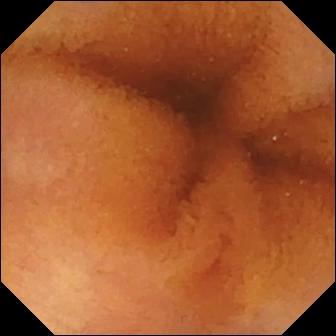VCE. Luminal finding. Impression: normal clean mucosa.